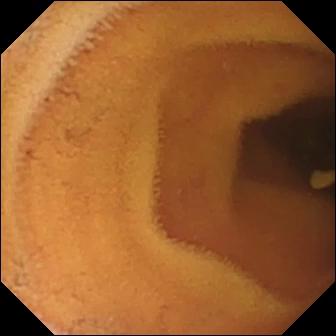This WCE frame of the small intestine shows normal clean mucosa.